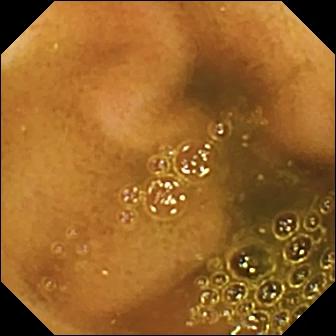WCE — ileo-cecal valve region (where the capsule passes from the small bowel into the large bowel).